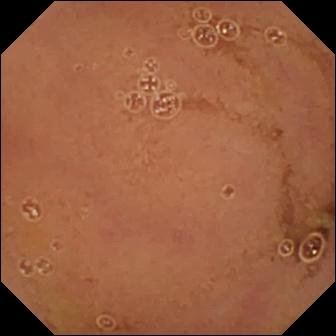Small-bowel capsule endoscopy — normal clean mucosa.